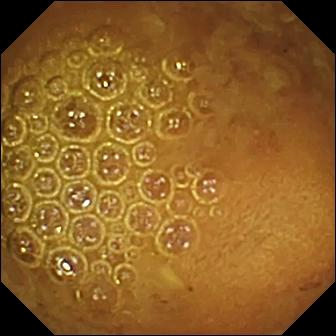{"modality": "capsule endoscopy", "category": "luminal finding", "finding": "reduced mucosal view (content or bubbles obscuring the mucosa)"}